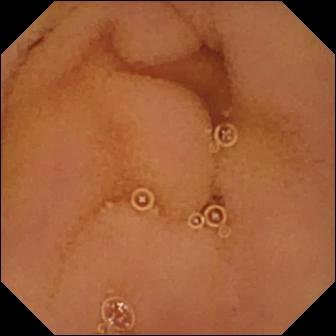Wireless capsule endoscopy. Small intestine. Finding: normal clean mucosa.